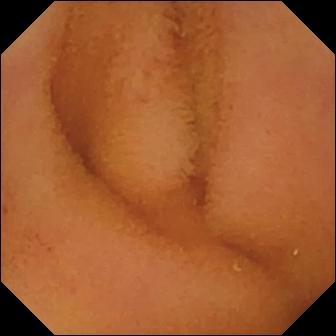VCE snapshot of the small intestine showing normal clean mucosa.